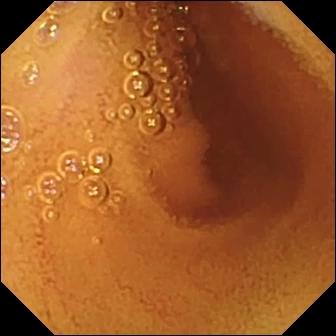modality: wireless capsule endoscopy | segment: small bowel | impression: normal clean mucosa